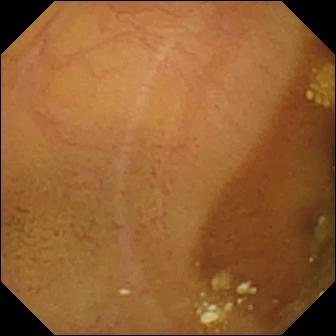Q: What does this WCE image show?
A: Lymphangiectasia.